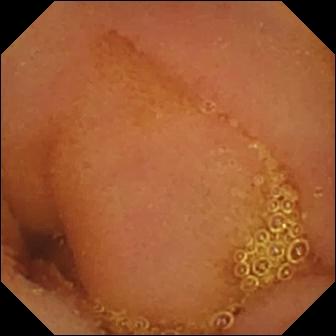{"modality": "capsule endoscopy", "finding": "normal clean mucosa"}